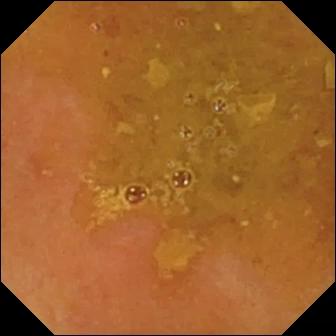Q: What does this capsule endoscopy frame of the small intestine show?
A: Reduced mucosal view (content or bubbles obscuring the mucosa).